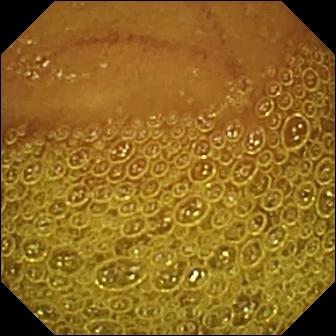modality: video capsule endoscopy | label: normal clean mucosa